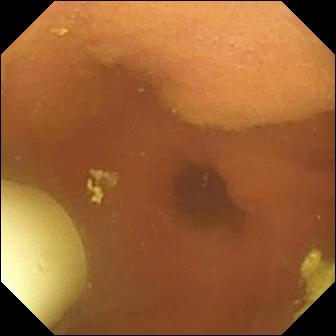PROCEDURE: VCE.
FINDINGS: Foreign body (e.g. retained capsule, tablet residue).